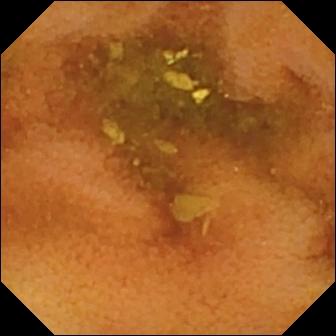Normal clean mucosa — wireless capsule endoscopy still of the small bowel.